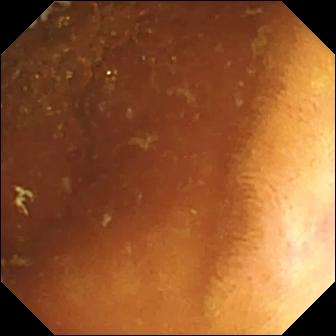- modality: wireless capsule endoscopy
- segment: small bowel
- label: normal clean mucosa